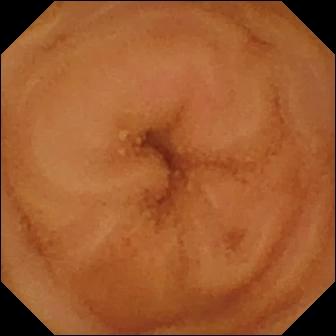WCE frame, small bowel
Finding: normal clean mucosa